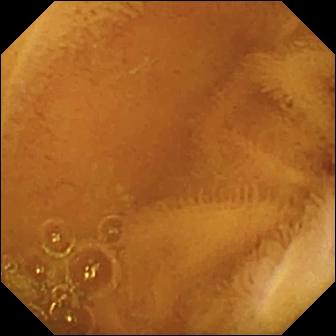Normal clean mucosa.